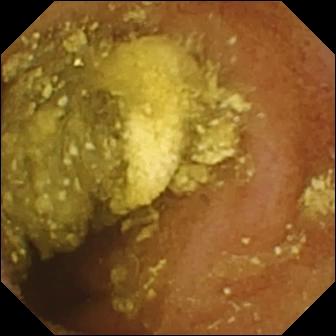{"modality": "WCE", "finding": "normal clean mucosa"}